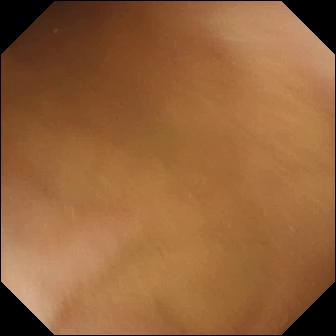This video capsule endoscopy still was taken in the pylorus region (the junction between the stomach and the small bowel).